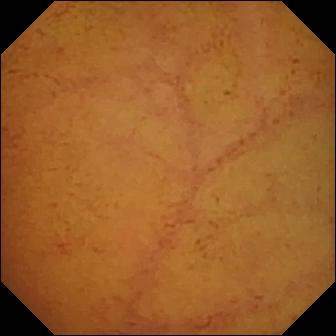This wireless capsule endoscopy image shows normal clean mucosa.